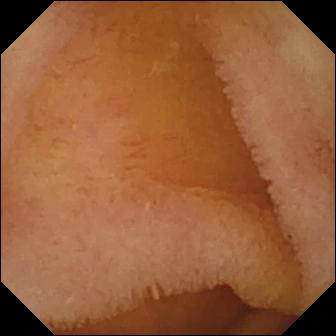Normal clean mucosa.